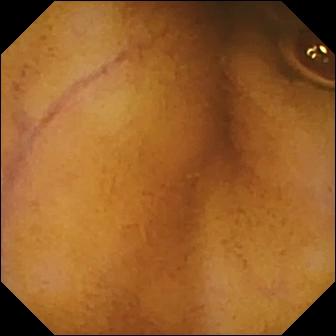Normal clean mucosa.